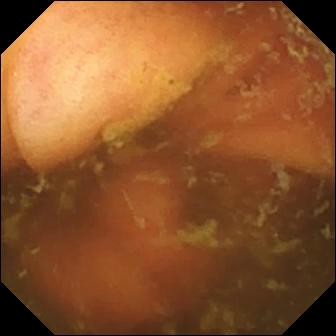Ileo-cecal valve region (where the capsule passes from the small bowel into the large bowel) — wireless capsule endoscopy still.